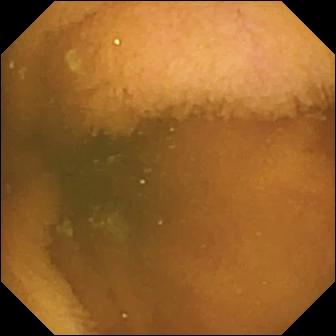This wireless capsule endoscopy snapshot shows normal clean mucosa.